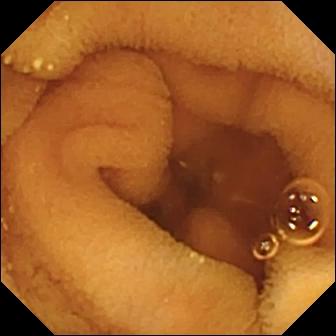modality: VCE; segment: small intestine; observation: normal clean mucosa